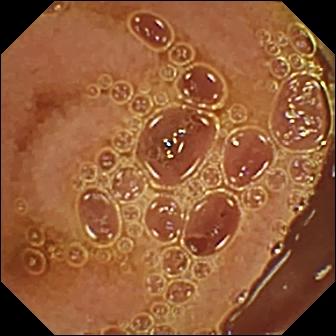VCE frame. Normal clean mucosa.